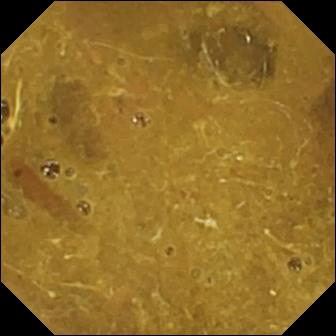Ileo-cecal valve region (where the capsule passes from the small bowel into the large bowel).